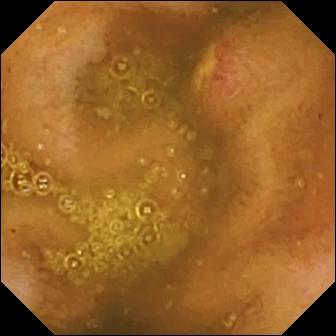{"modality": "wireless capsule endoscopy", "finding": "ulcer"}